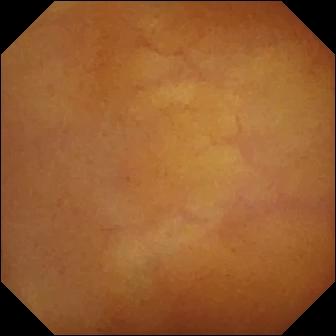{"modality": "WCE", "segment": "small bowel", "finding": "normal clean mucosa"}